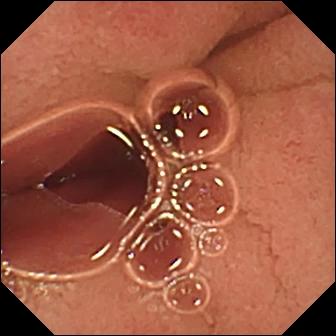Wireless capsule endoscopy still. Taken in the pylorus region (where the capsule passes from the stomach into the small bowel).